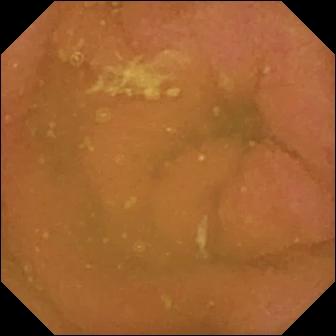Q: What does this wireless capsule endoscopy still show?
A: Normal clean mucosa.